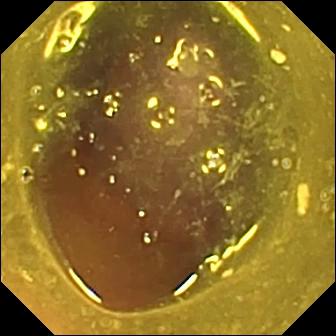Small-bowel capsule endoscopy image showing reduced mucosal view (content or bubbles obscuring the mucosa).